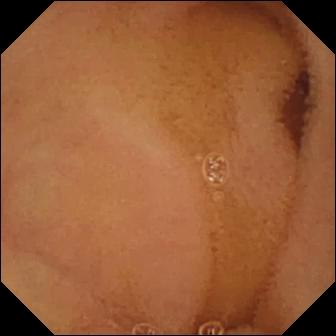This video capsule endoscopy snapshot of the small bowel shows normal clean mucosa.